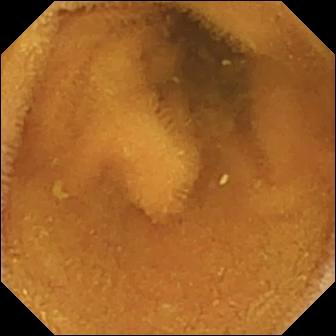modality: small-bowel capsule endoscopy
segment: small intestine
impression: normal clean mucosa